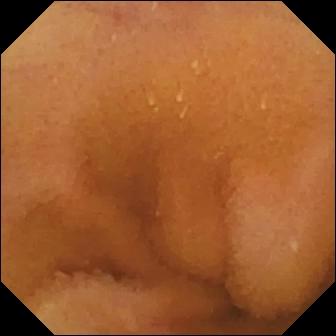Normal clean mucosa.